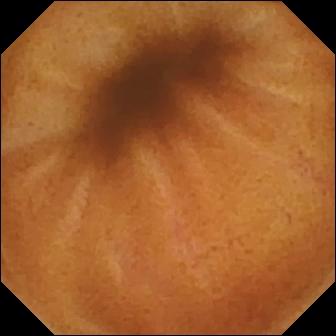Normal clean mucosa — wireless capsule endoscopy still.